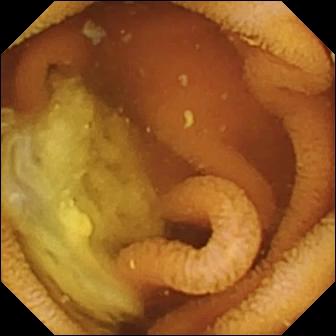modality: WCE | category: luminal finding | observation: normal clean mucosa